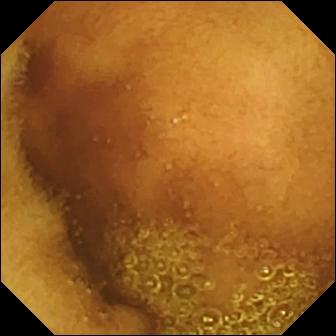{"modality": "VCE", "category": "luminal finding", "finding": "normal clean mucosa"}